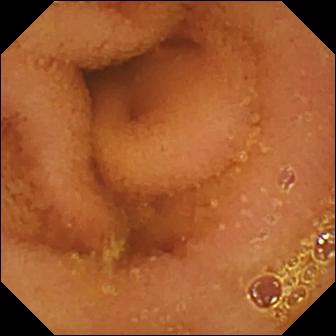Video capsule endoscopy snapshot, small intestine
Label: normal clean mucosa